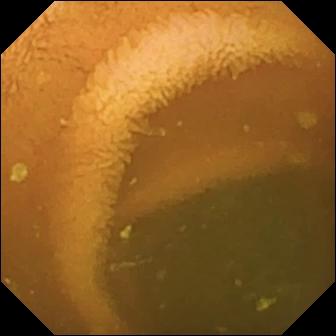Wireless capsule endoscopy still (small bowel). Normal clean mucosa.